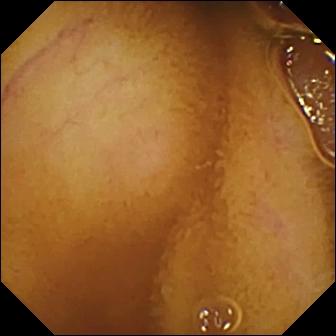VCE — normal clean mucosa.